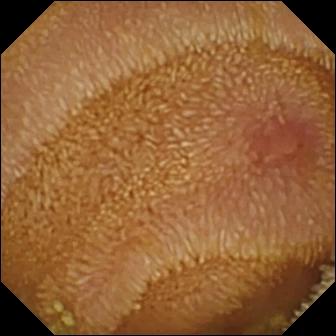Wireless capsule endoscopy image
Label: erosion